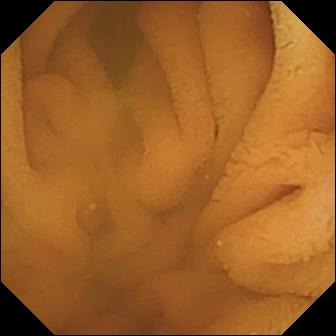modality: WCE
finding: normal clean mucosa